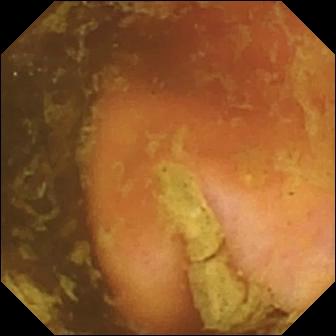{"modality": "wireless capsule endoscopy", "label": "ileo-cecal valve region (where the capsule passes from the small bowel into the large bowel)"}